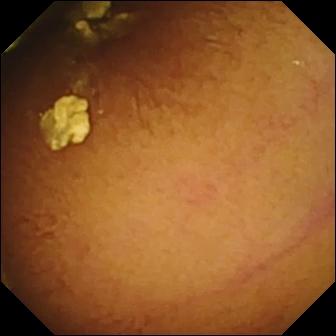- modality: video capsule endoscopy
- segment: small bowel
- category: luminal finding
- finding: normal clean mucosa